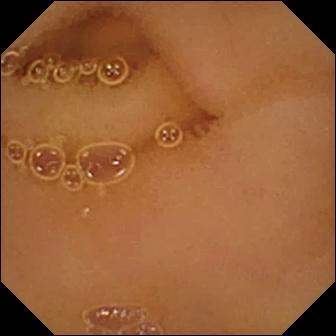Capsule endoscopy still (small intestine). Normal clean mucosa.